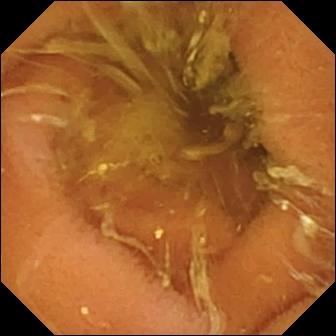VCE frame, small intestine
Observation: normal clean mucosa